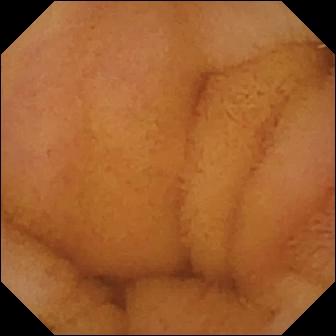This video capsule endoscopy still shows normal clean mucosa.